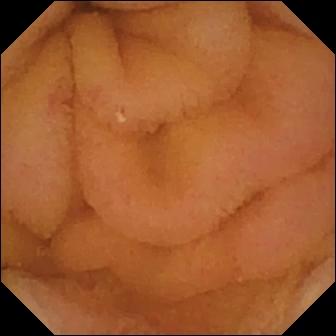PROCEDURE: WCE.
FINDINGS: Normal clean mucosa.